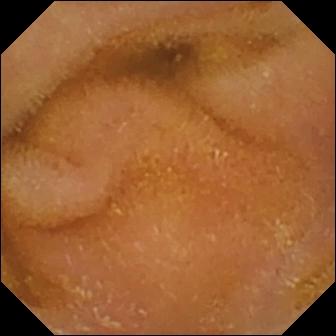Normal clean mucosa (336×336).